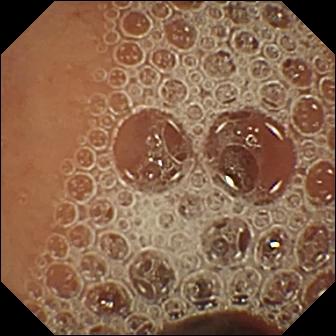Capsule endoscopy. Label: normal clean mucosa.